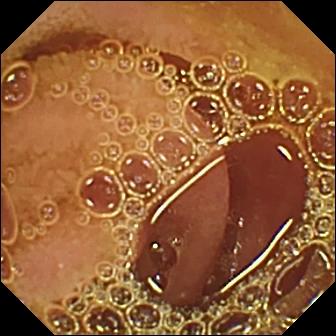Small-bowel capsule endoscopy frame of the small bowel showing normal clean mucosa.